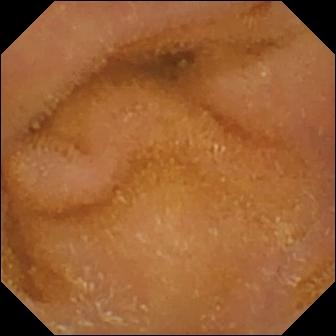Q: What does this video capsule endoscopy snapshot of the small bowel show?
A: Normal clean mucosa.